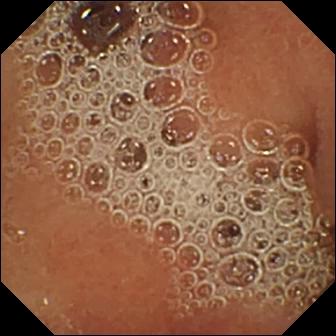This small-bowel capsule endoscopy view shows normal clean mucosa.